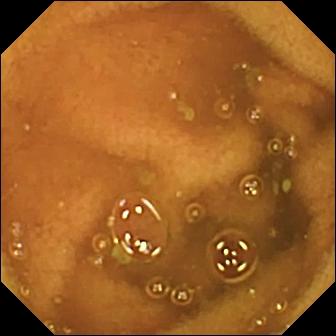Q: What does this small-bowel capsule endoscopy view show?
A: Normal clean mucosa.